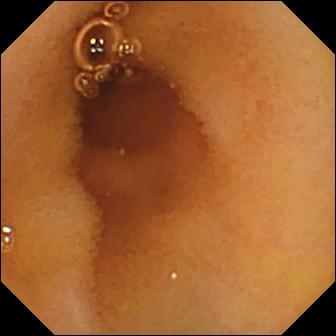{"modality": "video capsule endoscopy", "finding": "normal clean mucosa"}